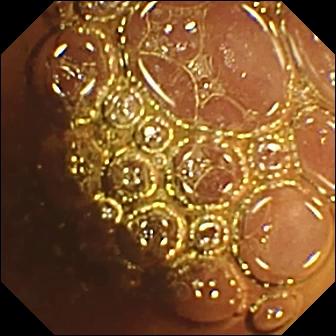Capsule endoscopy image, small bowel
Observation: normal clean mucosa